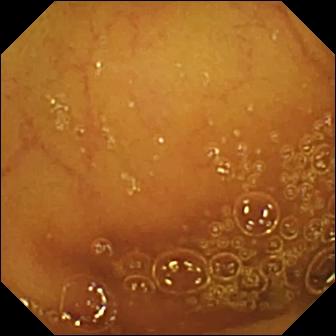modality: WCE; finding: normal clean mucosa